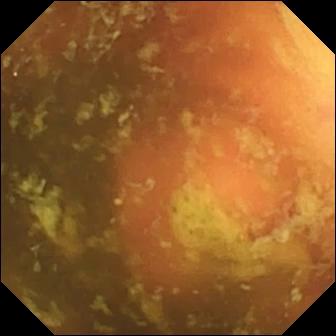modality: capsule endoscopy | category: anatomical landmark | label: ileo-cecal valve region